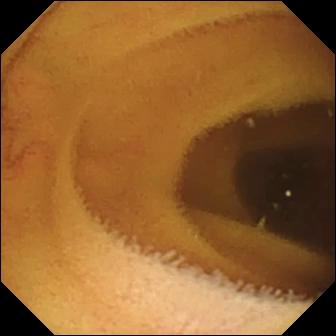VCE frame
Observation: normal clean mucosa